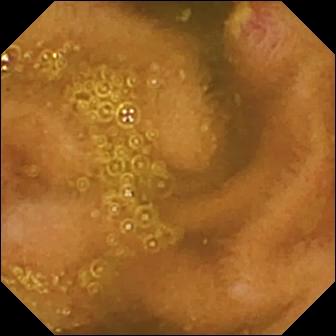Capsule endoscopy frame
Label: ulcer